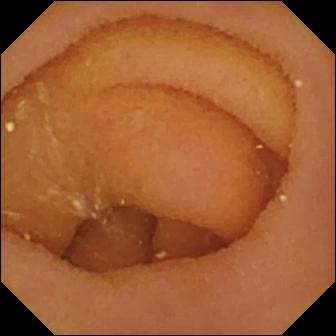- modality: VCE
- category: anatomical landmark
- location: pylorus region